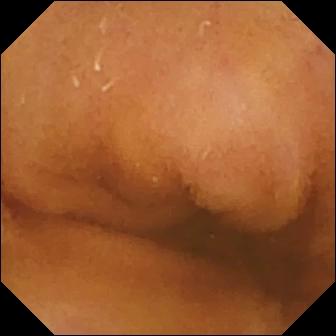{"modality": "small-bowel capsule endoscopy", "finding": "normal clean mucosa"}